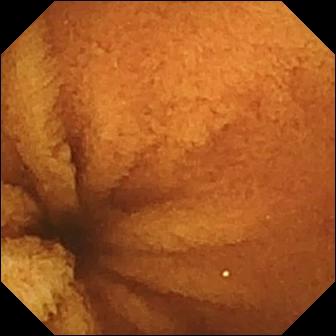WCE frame of the small bowel showing normal clean mucosa.